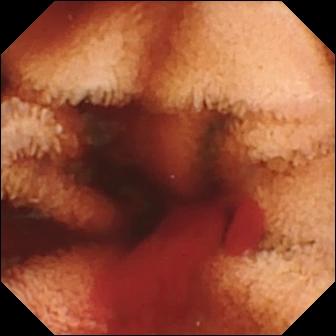Capsule endoscopy image
Observation: fresh blood in the lumen